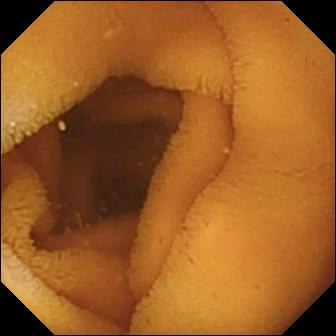Capsule endoscopy image showing normal clean mucosa.